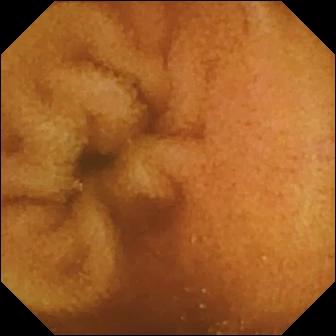This VCE still of the small bowel shows normal clean mucosa.